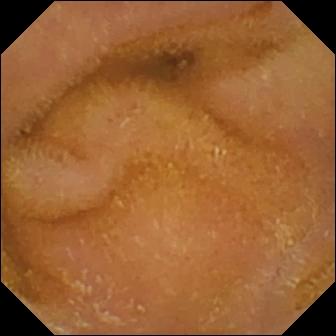Small-bowel capsule endoscopy — normal clean mucosa.